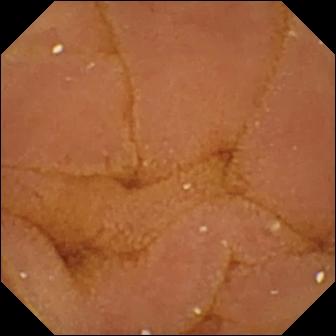Normal clean mucosa — small-bowel capsule endoscopy view.